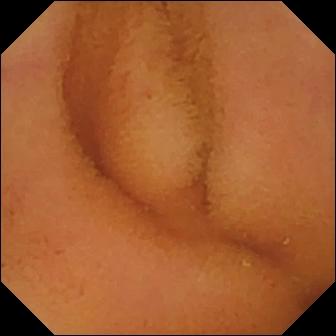Video capsule endoscopy snapshot
Label: normal clean mucosa